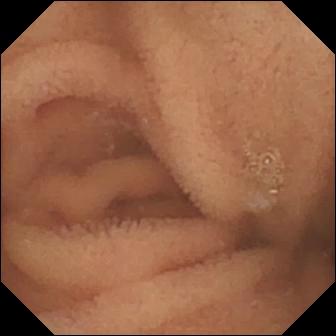Capsule endoscopy — normal clean mucosa.